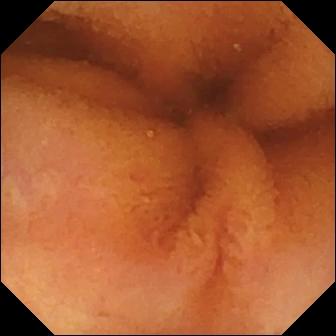Q: What does this wireless capsule endoscopy frame show?
A: Normal clean mucosa.